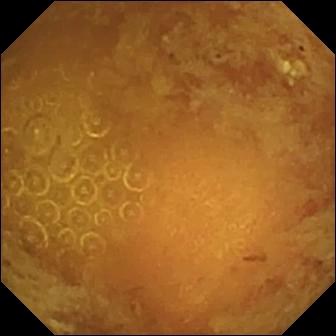- modality: WCE
- impression: reduced mucosal view (content or bubbles obscuring the mucosa)